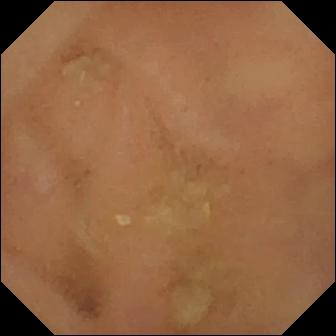- modality: small-bowel capsule endoscopy
- segment: small intestine
- finding: normal clean mucosa